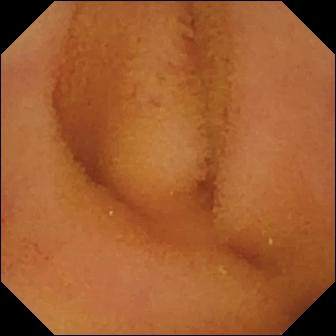{"modality": "wireless capsule endoscopy", "segment": "small bowel", "finding": "normal clean mucosa"}